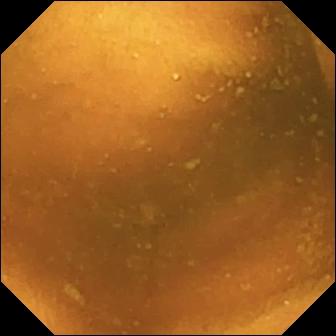VCE — normal clean mucosa.